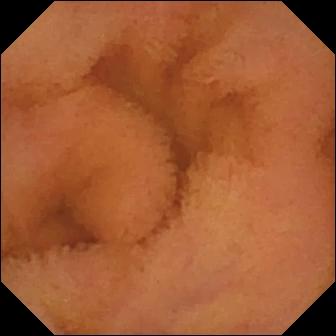modality: video capsule endoscopy | segment: small bowel | label: normal clean mucosa